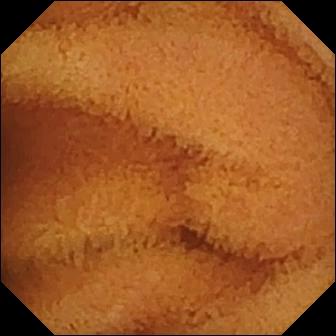{"modality": "small-bowel capsule endoscopy", "segment": "small intestine", "finding": "normal clean mucosa"}